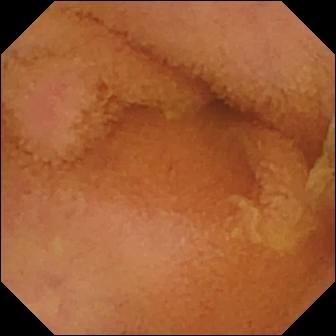Normal clean mucosa — WCE frame.